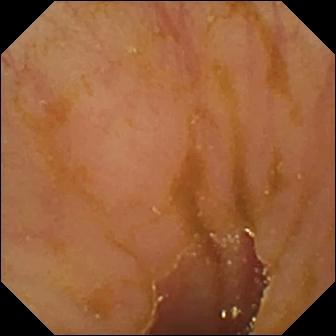WCE view
Label: ileo-cecal valve region (where the capsule passes from the small bowel into the large bowel)